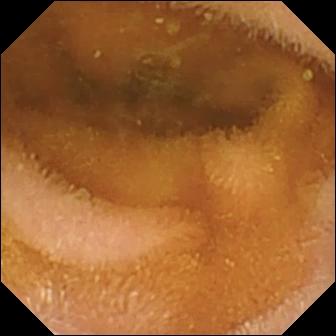Small-bowel capsule endoscopy. Finding: normal clean mucosa.